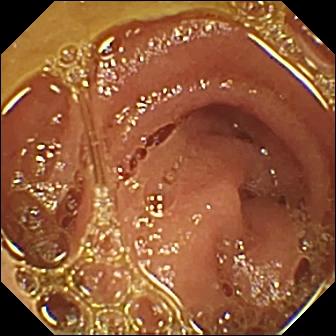- modality: VCE
- segment: small bowel
- observation: normal clean mucosa